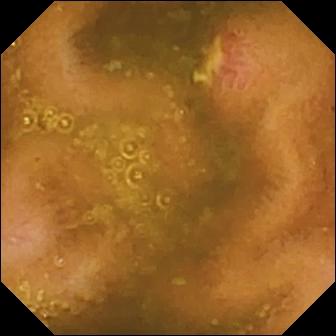Ulcer — WCE image.